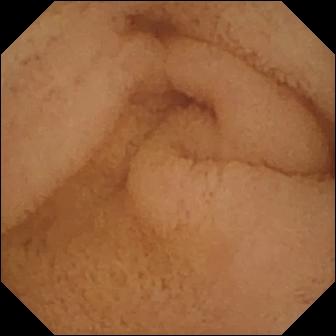This small-bowel capsule endoscopy frame was taken in the pylorus region.